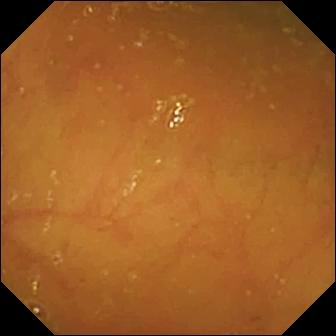{"modality": "video capsule endoscopy", "video_segment": "ileo-cecal valve region"}